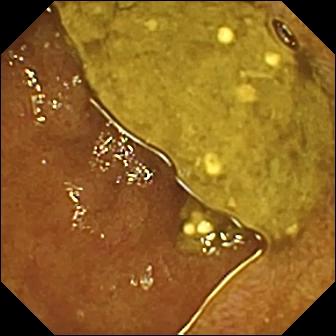Wireless capsule endoscopy. Near an anatomical landmark. Label: ileo-cecal valve region.